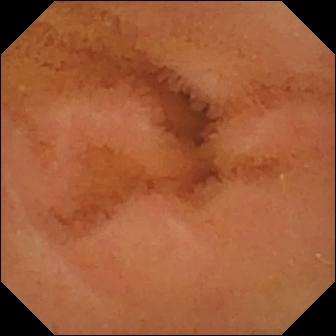Video capsule endoscopy — normal clean mucosa.